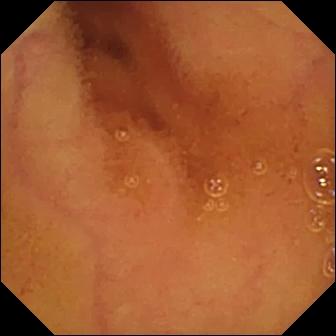Q: What does this small-bowel capsule endoscopy image show?
A: Normal clean mucosa.